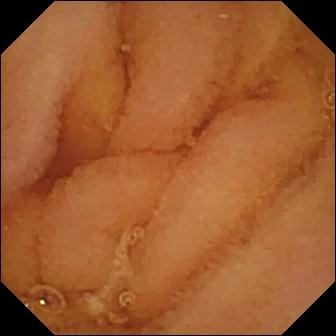Wireless capsule endoscopy. Finding: normal clean mucosa.